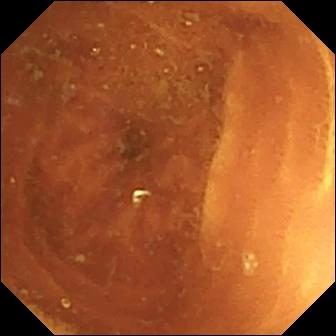Wireless capsule endoscopy frame (small bowel). Normal clean mucosa.